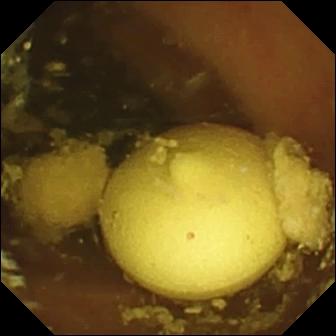- modality: WCE
- label: foreign body (e.g. retained capsule, tablet residue)